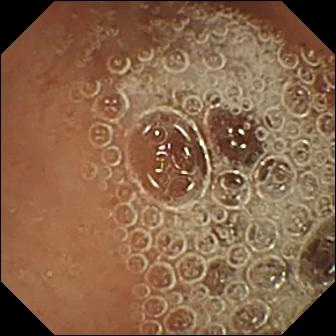modality: video capsule endoscopy; category: luminal finding; label: normal clean mucosa